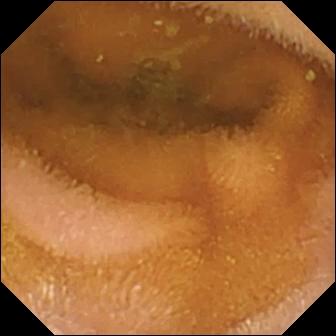{"modality": "wireless capsule endoscopy", "category": "luminal finding", "finding": "normal clean mucosa"}